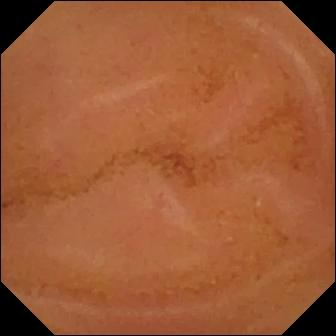Capsule endoscopy — normal clean mucosa.